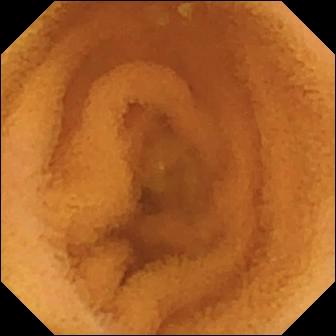Wireless capsule endoscopy snapshot. Normal clean mucosa.